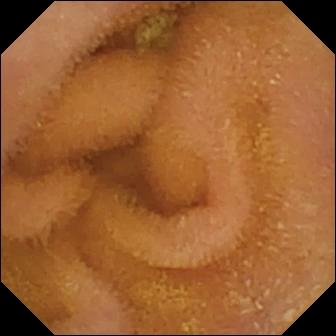Wireless capsule endoscopy — normal clean mucosa.